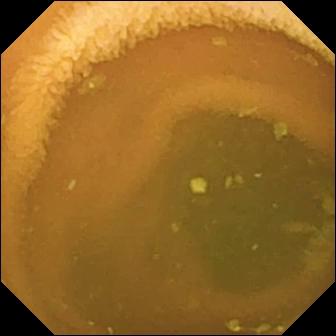modality: wireless capsule endoscopy
segment: small bowel
finding: normal clean mucosa